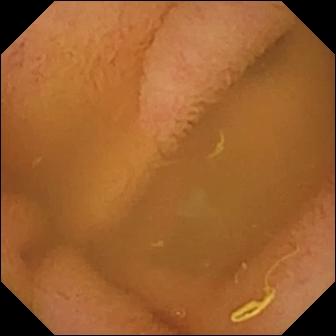Small-bowel capsule endoscopy view
Label: normal clean mucosa